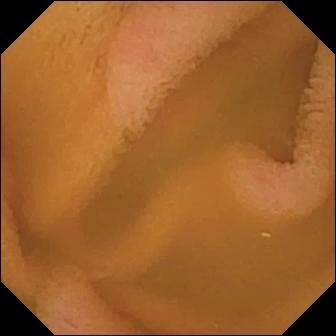- modality: small-bowel capsule endoscopy
- impression: normal clean mucosa